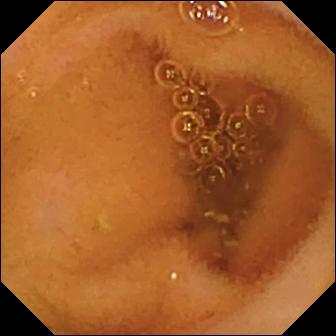WCE. Small bowel. Luminal finding. Finding: normal clean mucosa.